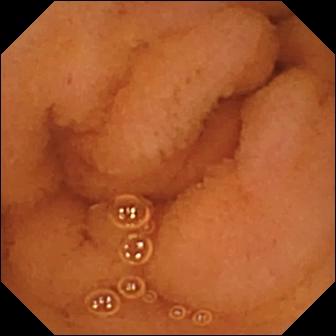- modality: VCE
- segment: small bowel
- finding: normal clean mucosa